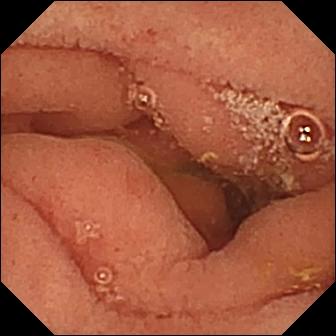Q: Where in the digestive tract was this wireless capsule endoscopy frame taken?
A: Pylorus region (the junction between the stomach and the small bowel).